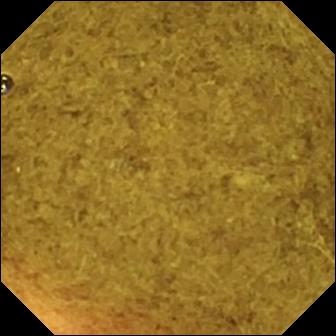Capsule endoscopy. Near an anatomical landmark. Label: ileo-cecal valve region (where the capsule passes from the small bowel into the large bowel).